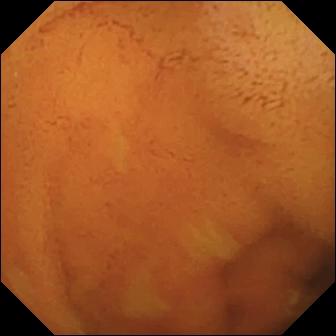Small-bowel capsule endoscopy. Luminal finding. Observation: normal clean mucosa.